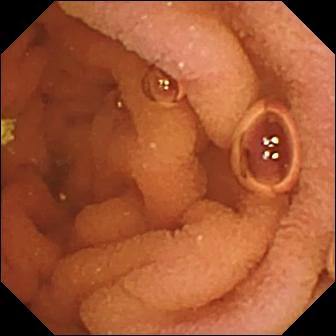Video capsule endoscopy frame. Normal clean mucosa.